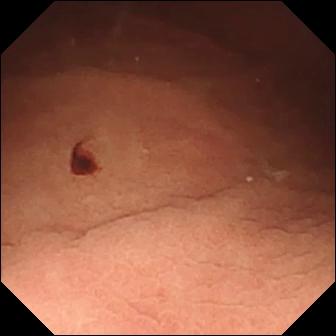Q: What does this video capsule endoscopy snapshot show?
A: Angiectasia.